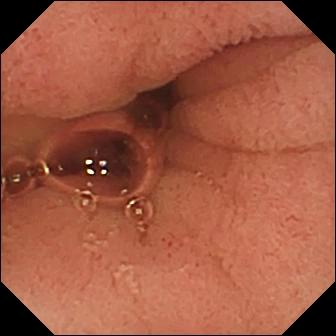Pylorus region — VCE view.